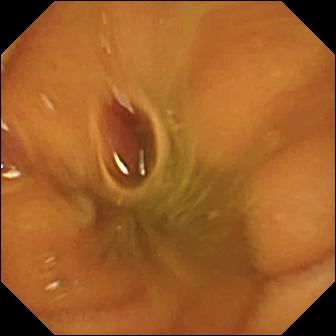Video capsule endoscopy. Small intestine. Label: normal clean mucosa.